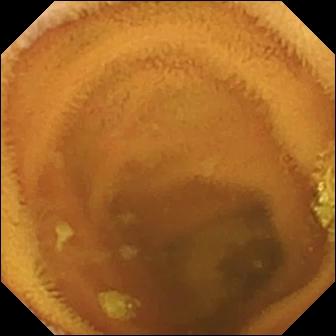PROCEDURE: WCE.
SEGMENT: Small bowel.
FINDINGS: Normal clean mucosa.